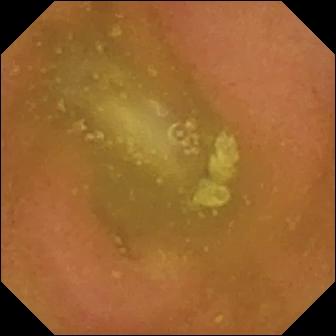modality: WCE; segment: small intestine; observation: normal clean mucosa